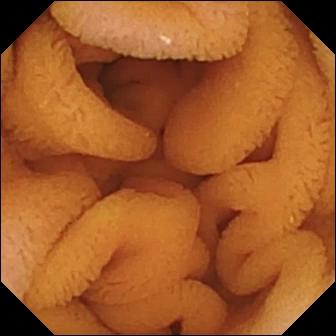Normal clean mucosa.